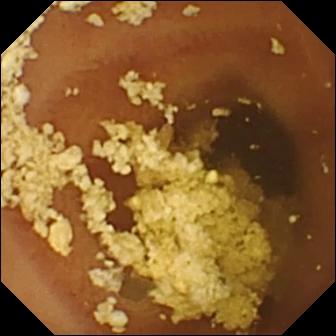PROCEDURE: WCE.
SEGMENT: Small intestine.
FINDINGS: Normal clean mucosa.